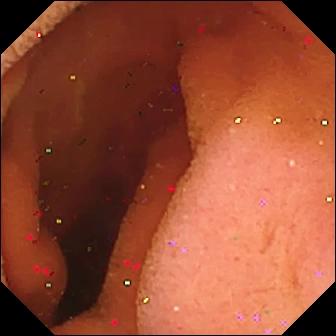Pylorus region (the junction between the stomach and the small bowel).